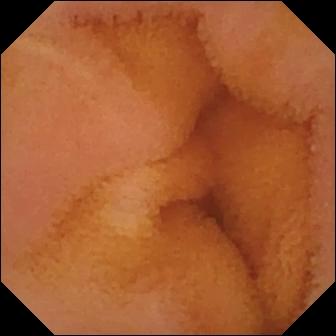This video capsule endoscopy frame of the small bowel shows normal clean mucosa.